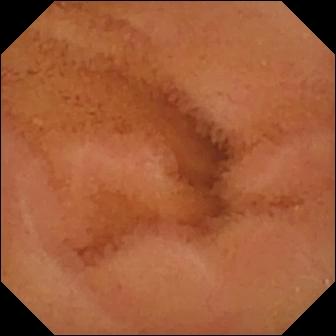WCE — normal clean mucosa.